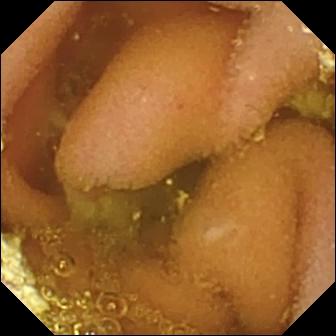Capsule endoscopy — lymphangiectasia.